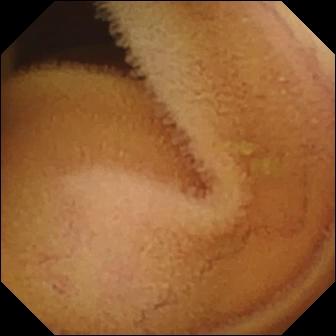Video capsule endoscopy still
Label: normal clean mucosa